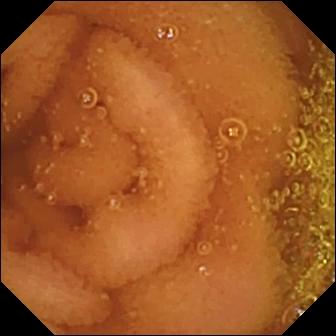Wireless capsule endoscopy — normal clean mucosa.